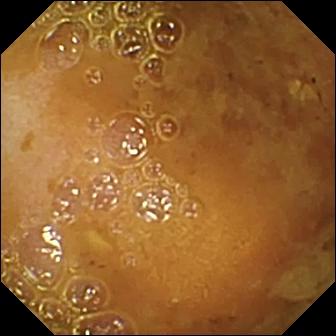Reduced mucosal view (content or bubbles obscuring the mucosa) — capsule endoscopy image.